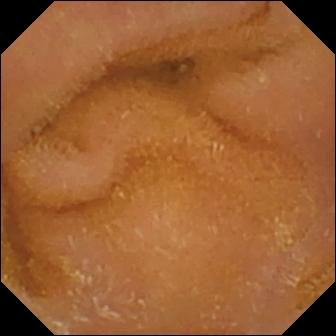modality: small-bowel capsule endoscopy | label: normal clean mucosa